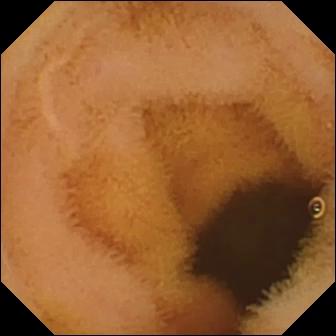- modality: wireless capsule endoscopy
- segment: small intestine
- category: luminal finding
- finding: normal clean mucosa